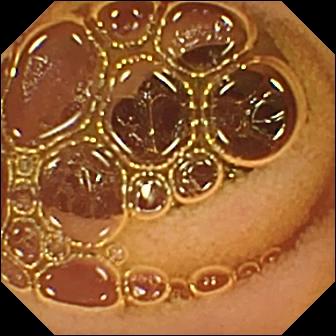This VCE snapshot shows normal clean mucosa.